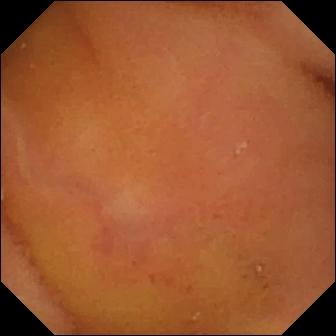- modality: VCE
- label: normal clean mucosa